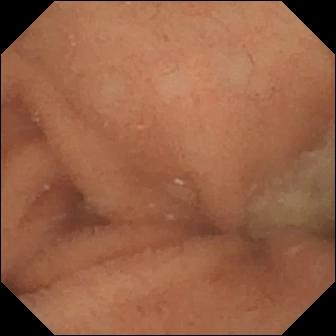Normal clean mucosa — wireless capsule endoscopy still of the small bowel.